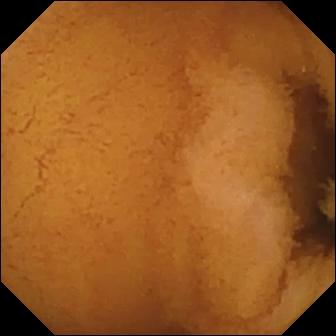PROCEDURE: Small-bowel capsule endoscopy.
SEGMENT: Small intestine.
FINDINGS: Normal clean mucosa.